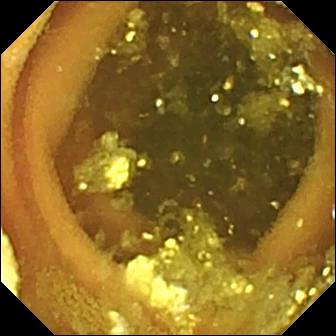VCE frame
Observation: lymphangiectasia